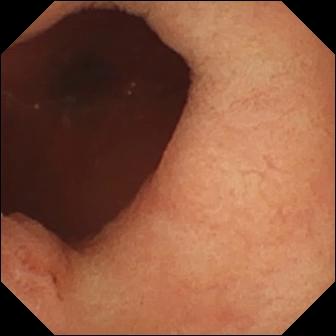{"modality": "VCE", "category": "anatomical landmark", "position": "pylorus region (the junction between the stomach and the small bowel)"}